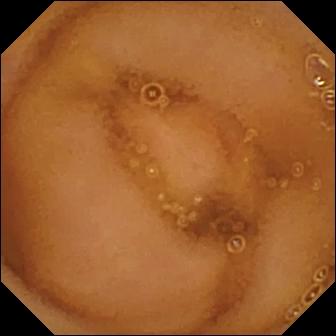- modality: wireless capsule endoscopy
- impression: normal clean mucosa